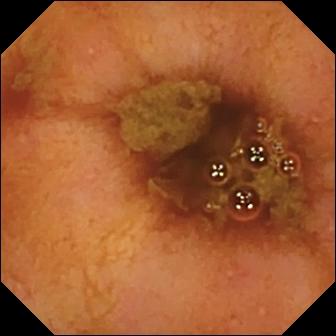Q: Where in the digestive tract was this WCE image taken?
A: Ileo-cecal valve region (where the capsule passes from the small bowel into the large bowel).